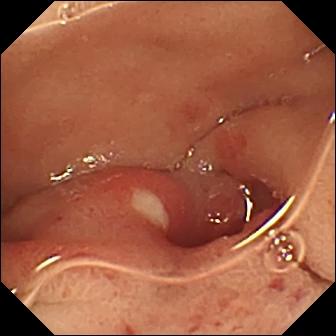Ulcer — VCE view.